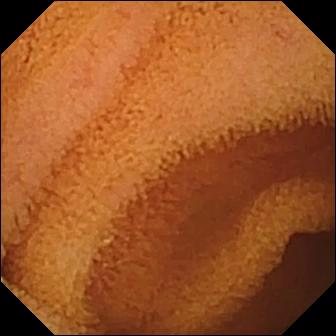Wireless capsule endoscopy view (small intestine). Normal clean mucosa.